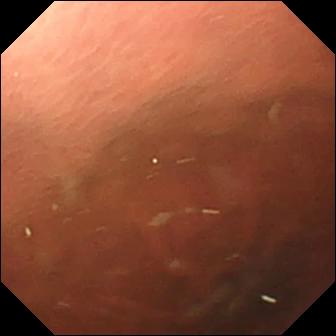Pylorus region.